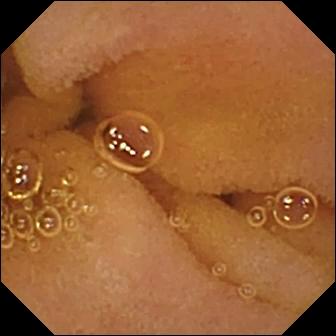Wireless capsule endoscopy still (small bowel). Normal clean mucosa.